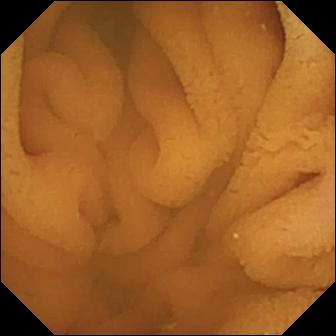PROCEDURE: Wireless capsule endoscopy.
SEGMENT: Small intestine.
FINDINGS: Normal clean mucosa.